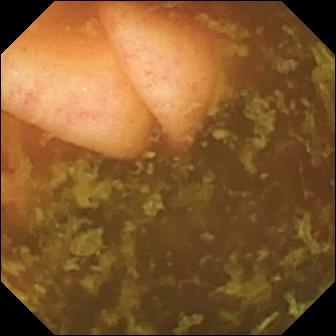VCE still taken in the ileo-cecal valve region.